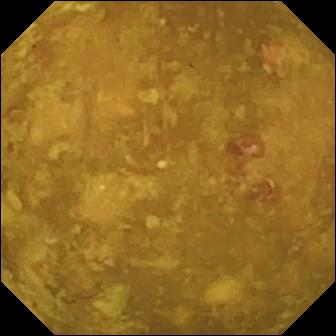Video capsule endoscopy view (small bowel), 336×336. Reduced mucosal view (content or bubbles obscuring the mucosa).